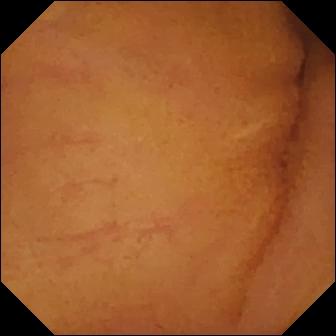modality: capsule endoscopy
segment: small bowel
impression: normal clean mucosa